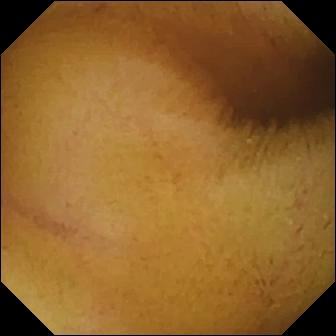PROCEDURE: Wireless capsule endoscopy.
SEGMENT: Small intestine.
FINDINGS: Normal clean mucosa.